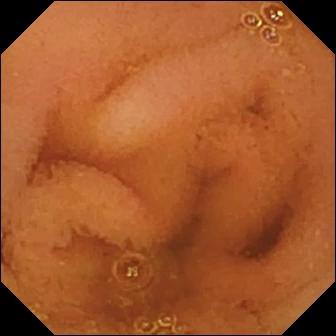Video capsule endoscopy. Small intestine. Label: normal clean mucosa.